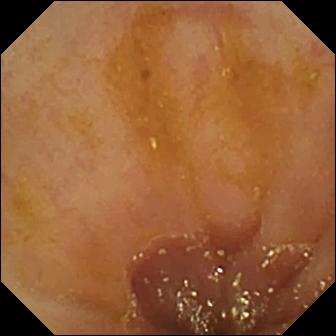modality: small-bowel capsule endoscopy | location: ileo-cecal valve region (the transition from the small bowel to the large bowel)